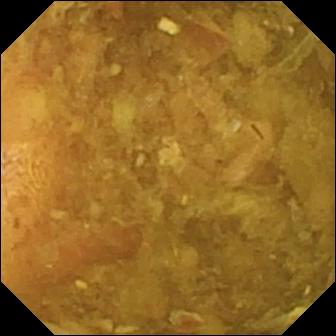- modality: WCE
- segment: small bowel
- impression: reduced mucosal view (content or bubbles obscuring the mucosa)